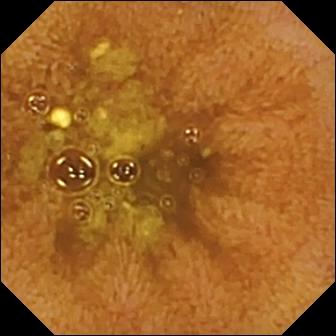Capsule endoscopy — ileo-cecal valve region (the transition from the small bowel to the large bowel).